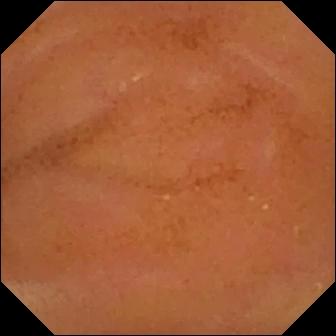Small-bowel capsule endoscopy still of the small intestine showing normal clean mucosa.